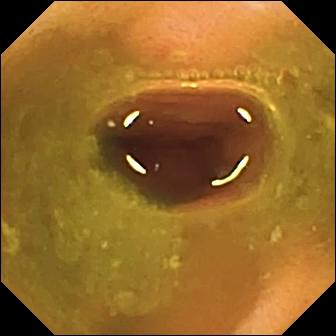Capsule endoscopy snapshot. Ulcer.